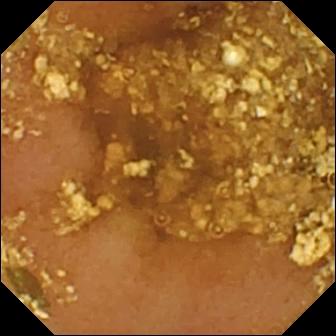Video capsule endoscopy snapshot. Reduced mucosal view (content or bubbles obscuring the mucosa).